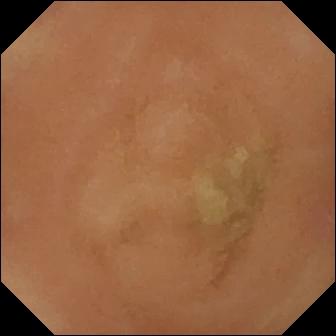Normal clean mucosa — video capsule endoscopy snapshot.